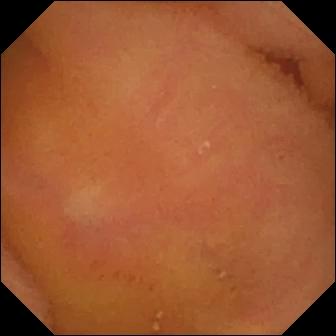Q: What does this capsule endoscopy snapshot of the small intestine show?
A: Normal clean mucosa.